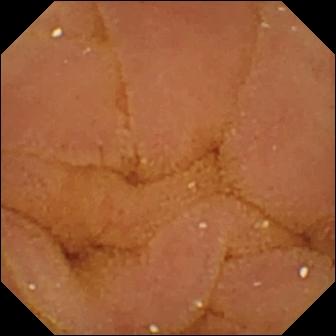Normal clean mucosa (336×336).